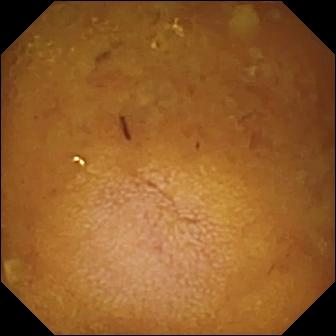Video capsule endoscopy view. Reduced mucosal view (content or bubbles obscuring the mucosa).